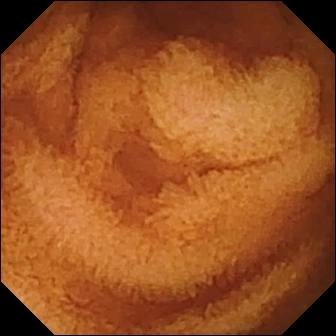Small-bowel capsule endoscopy still of the small intestine showing normal clean mucosa.